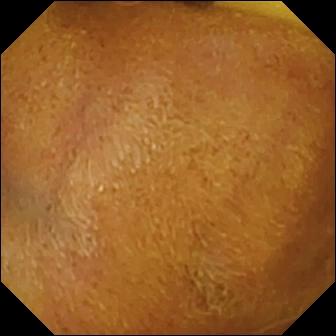PROCEDURE: Capsule endoscopy.
FINDINGS: Foreign body (e.g. retained capsule, tablet residue).